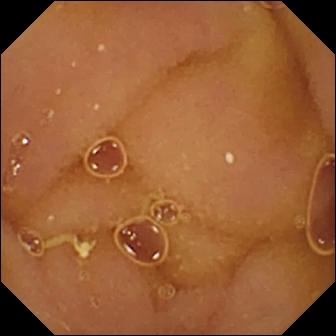This video capsule endoscopy image shows normal clean mucosa.